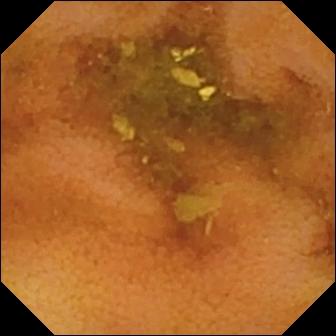Small-bowel capsule endoscopy. Small bowel. Label: normal clean mucosa.